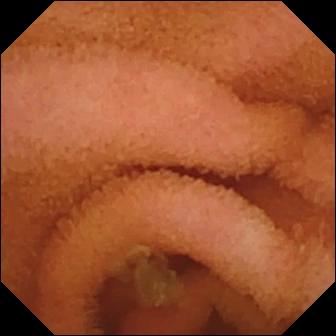modality: small-bowel capsule endoscopy | finding: normal clean mucosa